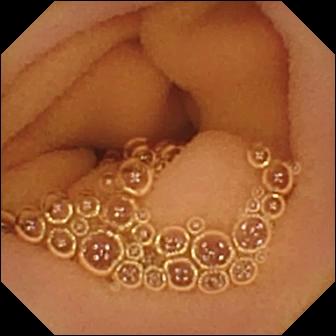Wireless capsule endoscopy image. Normal clean mucosa.